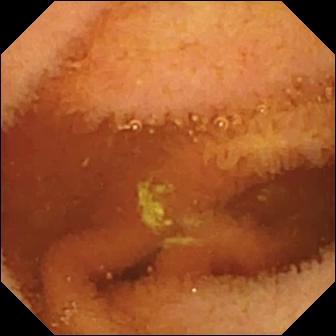This capsule endoscopy view of the small intestine shows normal clean mucosa.